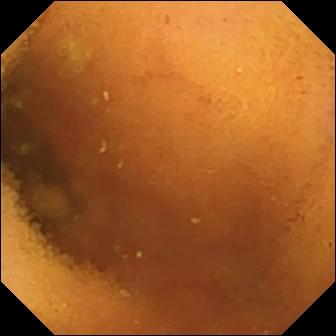Video capsule endoscopy snapshot. Normal clean mucosa.